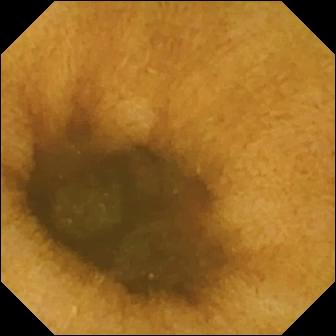Capsule endoscopy snapshot (small bowel). Normal clean mucosa.